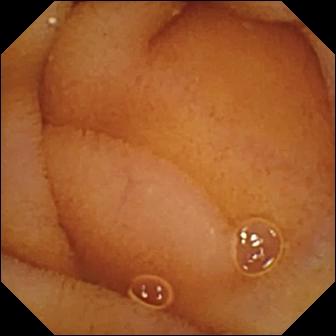Q: What does this video capsule endoscopy image of the small intestine show?
A: Normal clean mucosa.